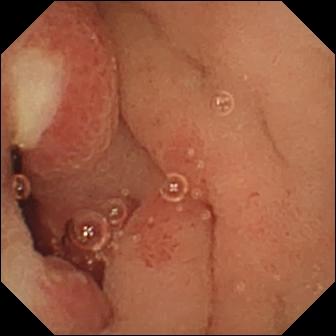Capsule endoscopy — ulcer.